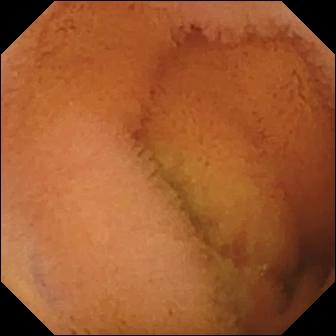Normal clean mucosa.